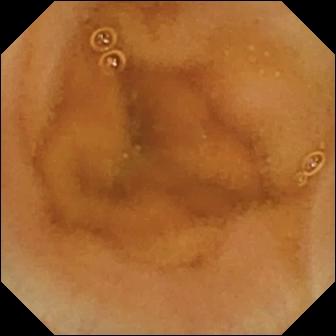PROCEDURE: WCE.
SEGMENT: Small intestine.
FINDINGS: Normal clean mucosa.